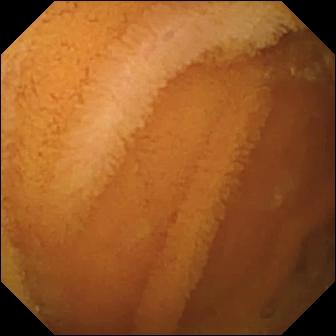{"modality": "small-bowel capsule endoscopy", "finding": "normal clean mucosa"}